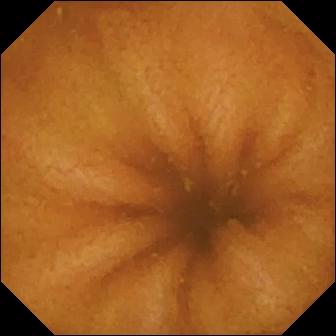Video capsule endoscopy — normal clean mucosa.